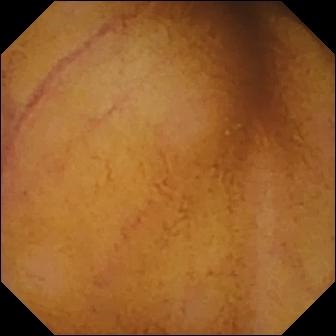PROCEDURE: WCE.
FINDINGS: Normal clean mucosa.